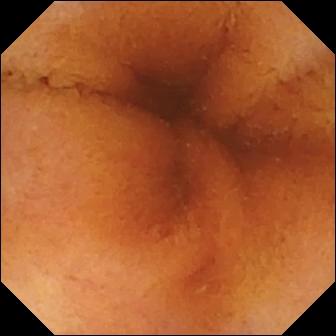WCE — normal clean mucosa.